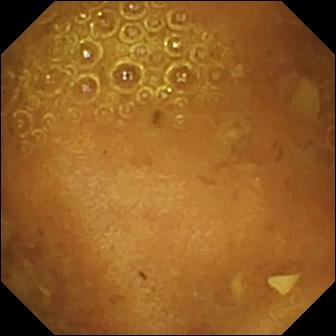modality: small-bowel capsule endoscopy
category: luminal finding
impression: reduced mucosal view (content or bubbles obscuring the mucosa)